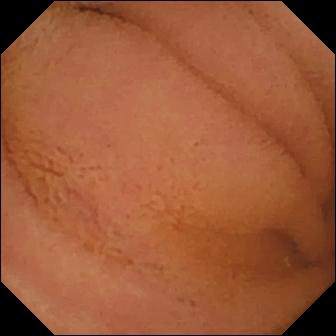Q: What does this WCE view of the small intestine show?
A: Normal clean mucosa.